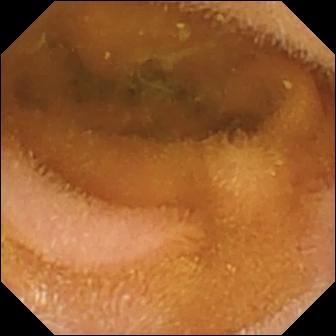Normal clean mucosa.